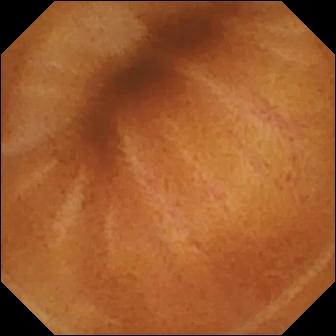{"modality": "wireless capsule endoscopy", "category": "luminal finding", "finding": "normal clean mucosa"}